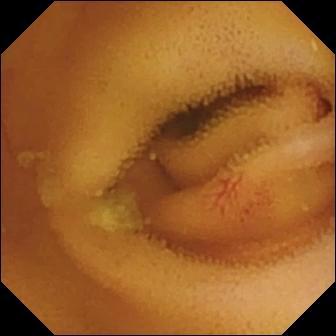modality: video capsule endoscopy; impression: angiectasia